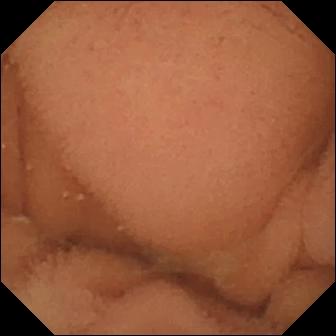PROCEDURE: Video capsule endoscopy.
SEGMENT: Small bowel.
FINDINGS: Normal clean mucosa.